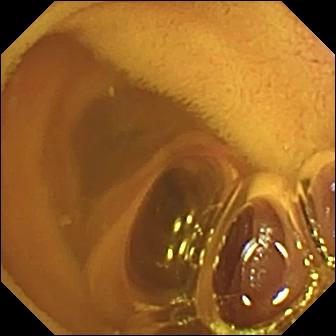Video capsule endoscopy snapshot showing normal clean mucosa.